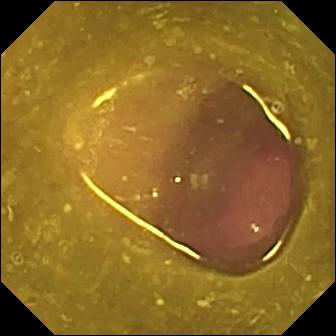Capsule endoscopy. Luminal finding. Impression: reduced mucosal view (content or bubbles obscuring the mucosa).